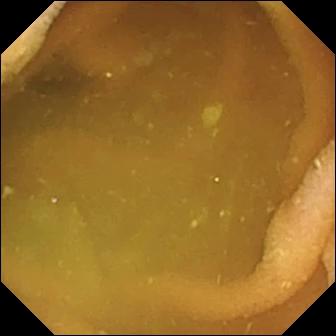Q: What does this video capsule endoscopy snapshot show?
A: Normal clean mucosa.